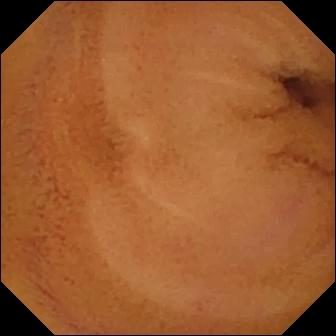Q: What does this video capsule endoscopy view of the small bowel show?
A: Normal clean mucosa.